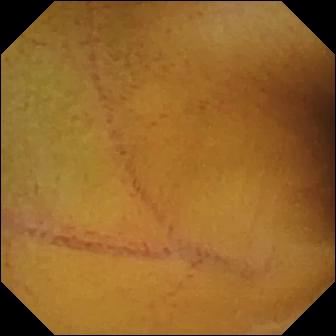PROCEDURE: VCE.
SEGMENT: Small bowel.
FINDINGS: Normal clean mucosa.